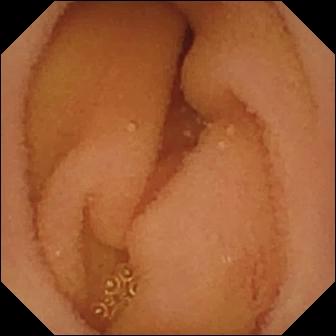WCE snapshot. Normal clean mucosa.